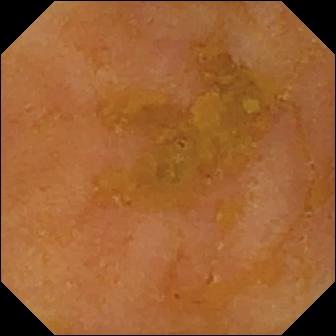- modality: video capsule endoscopy
- segment: small intestine
- category: luminal finding
- label: reduced mucosal view (content or bubbles obscuring the mucosa)